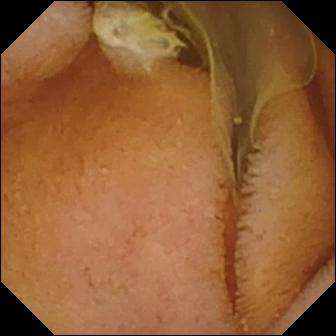PROCEDURE: Capsule endoscopy.
SEGMENT: Small bowel.
FINDINGS: Normal clean mucosa.